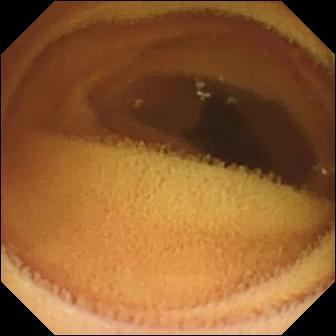This wireless capsule endoscopy frame of the small bowel shows normal clean mucosa.